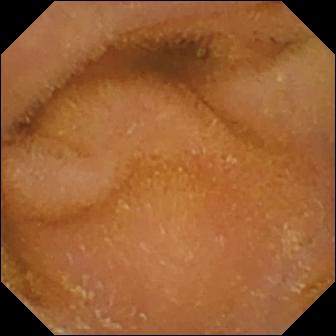PROCEDURE: Capsule endoscopy.
SEGMENT: Small bowel.
FINDINGS: Normal clean mucosa.